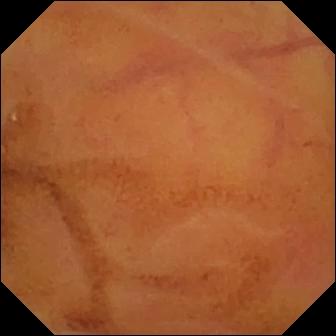Normal clean mucosa.